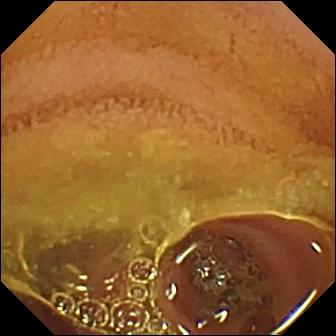Small-bowel capsule endoscopy snapshot
Finding: normal clean mucosa